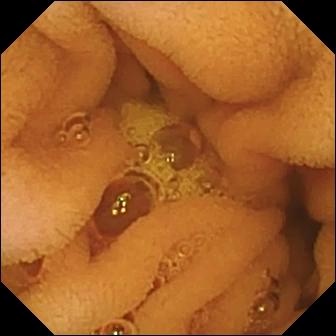PROCEDURE: WCE.
FINDINGS: Normal clean mucosa.